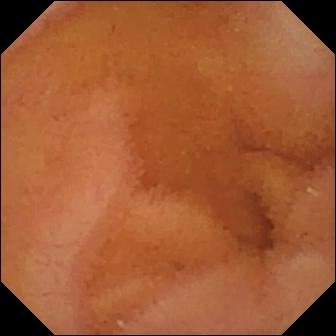Normal clean mucosa — WCE image.